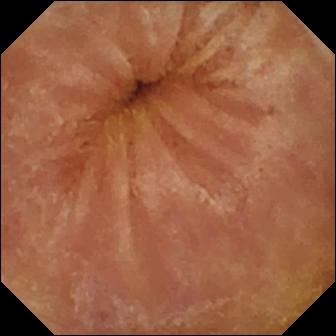PROCEDURE: WCE.
FINDINGS: Normal clean mucosa.